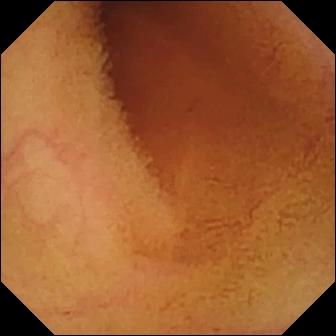- modality: WCE
- segment: small bowel
- category: luminal finding
- impression: normal clean mucosa